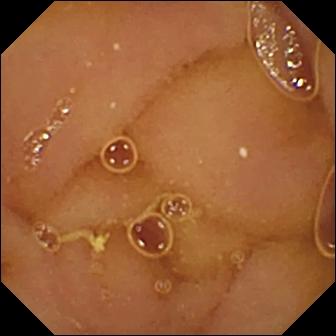VCE snapshot
Observation: normal clean mucosa